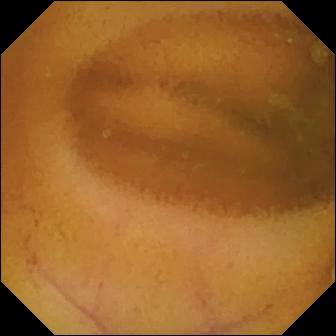VCE image, small intestine
Finding: normal clean mucosa